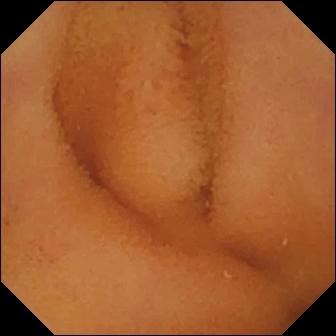Wireless capsule endoscopy still of the small bowel showing normal clean mucosa.